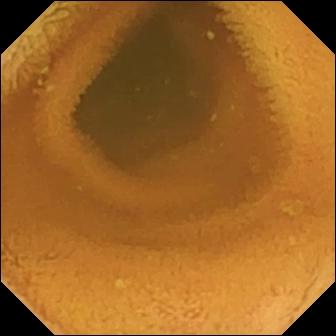modality: wireless capsule endoscopy; category: luminal finding; observation: normal clean mucosa